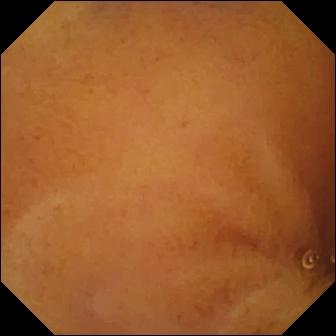Normal clean mucosa.